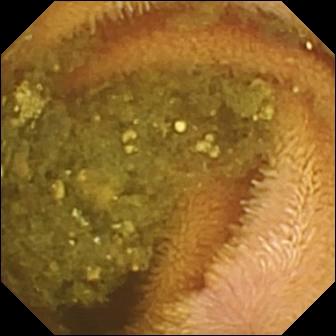This VCE view of the small bowel shows reduced mucosal view (content or bubbles obscuring the mucosa).